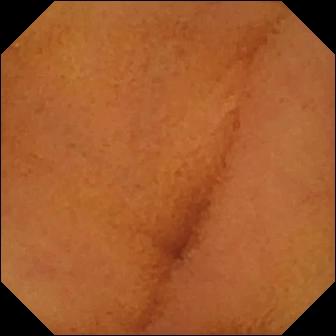modality: WCE
segment: small intestine
category: luminal finding
label: normal clean mucosa